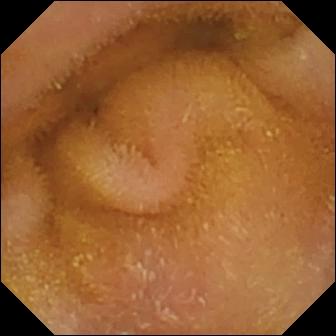Small-bowel capsule endoscopy view, small intestine
Finding: normal clean mucosa